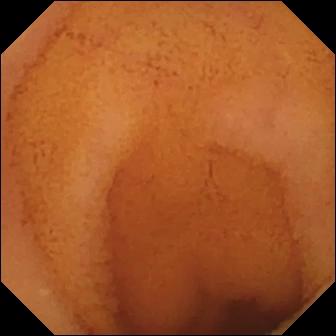{"modality": "WCE", "segment": "small intestine", "finding": "normal clean mucosa"}